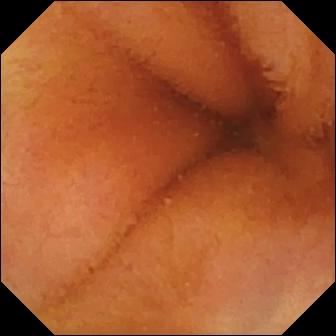Wireless capsule endoscopy snapshot
Observation: normal clean mucosa